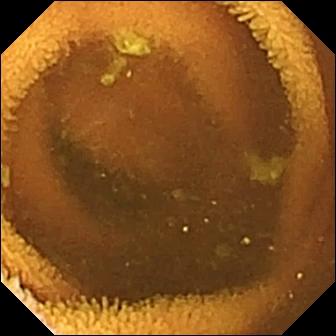Normal clean mucosa (336×336).